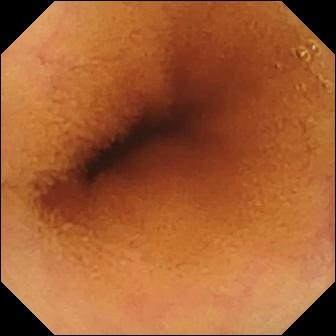Capsule endoscopy snapshot of the small intestine showing normal clean mucosa.